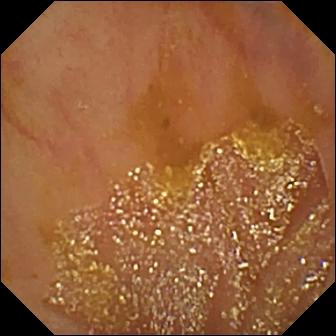Ileo-cecal valve region (the transition from the small bowel to the large bowel) — wireless capsule endoscopy still.